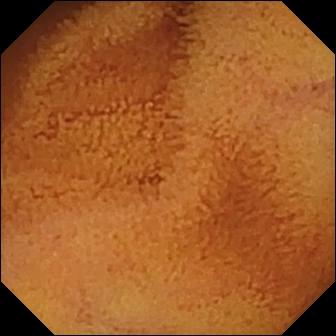PROCEDURE: Capsule endoscopy.
FINDINGS: Normal clean mucosa.